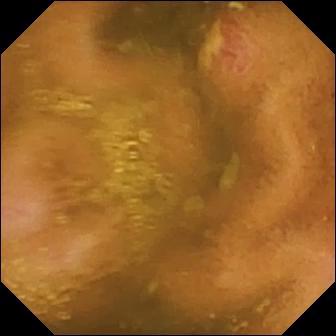WCE view. Ulcer.